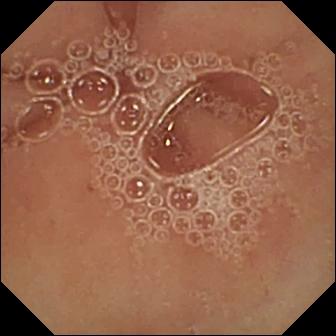WCE snapshot
Position: pylorus region (the junction between the stomach and the small bowel)